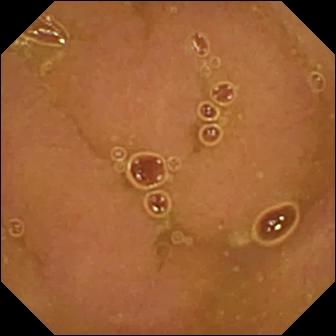- modality: video capsule endoscopy
- category: luminal finding
- finding: normal clean mucosa